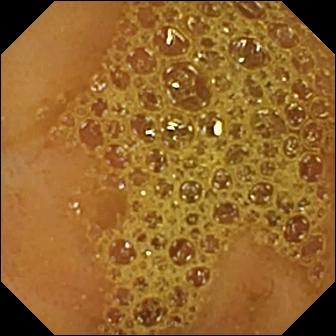Ileo-cecal valve region (the transition from the small bowel to the large bowel) — small-bowel capsule endoscopy image.